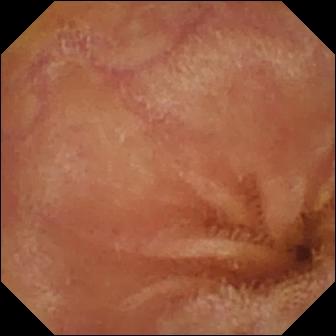modality: wireless capsule endoscopy | category: luminal finding | observation: normal clean mucosa